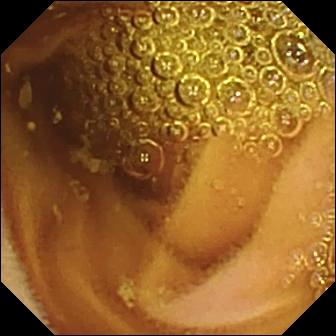PROCEDURE: Video capsule endoscopy.
FINDINGS: Normal clean mucosa.